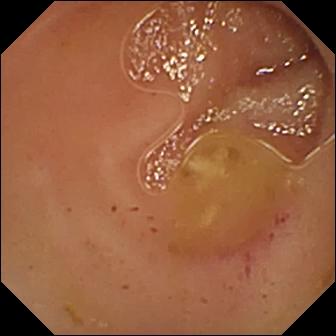{"modality": "wireless capsule endoscopy", "finding": "erythema (mucosal redness)"}